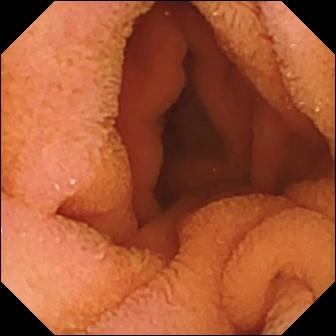WCE. Small intestine. Finding: normal clean mucosa.